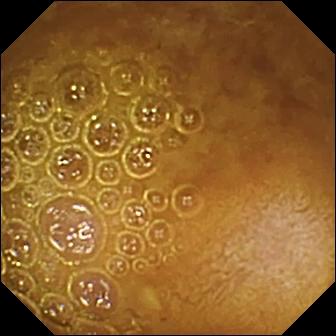Reduced mucosal view (content or bubbles obscuring the mucosa) (336×336).